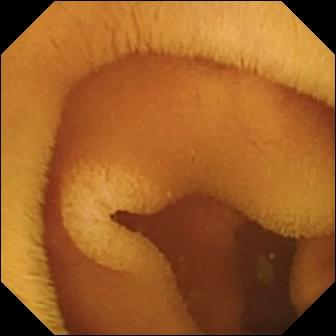{"modality": "wireless capsule endoscopy", "segment": "small bowel", "finding": "normal clean mucosa"}